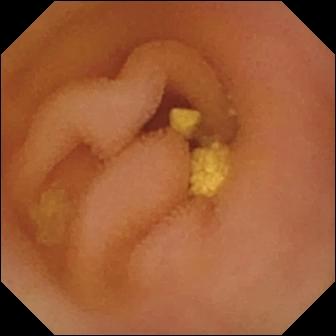Video capsule endoscopy still showing lymphangiectasia.